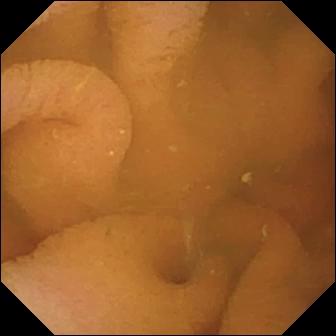modality: VCE
finding: normal clean mucosa